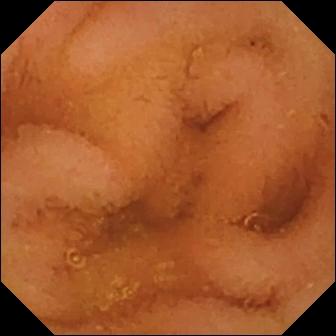{"modality": "wireless capsule endoscopy", "segment": "small intestine", "finding": "normal clean mucosa"}